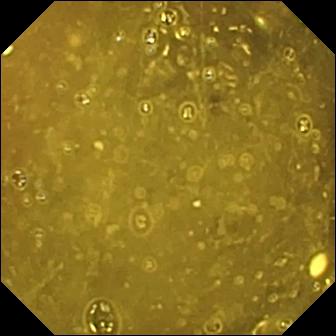Ileo-cecal valve region — wireless capsule endoscopy view.